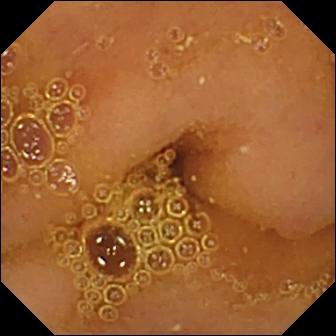Normal clean mucosa — video capsule endoscopy snapshot of the small bowel.